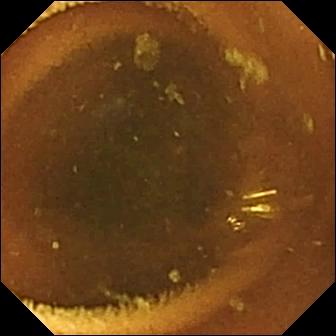- modality: video capsule endoscopy
- label: normal clean mucosa